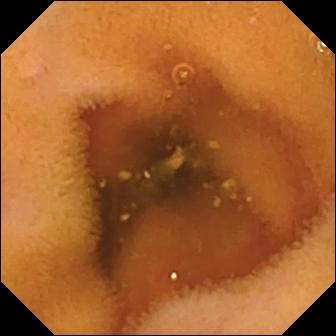{"modality": "wireless capsule endoscopy", "segment": "small bowel", "finding": "normal clean mucosa"}